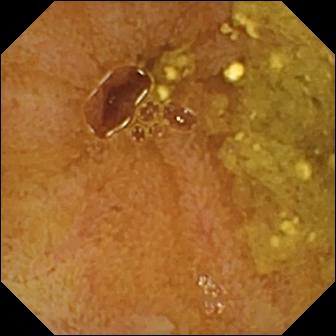WCE — ileo-cecal valve region (where the capsule passes from the small bowel into the large bowel).